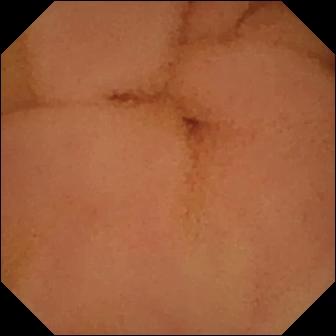{"modality": "WCE", "category": "luminal finding", "finding": "normal clean mucosa"}